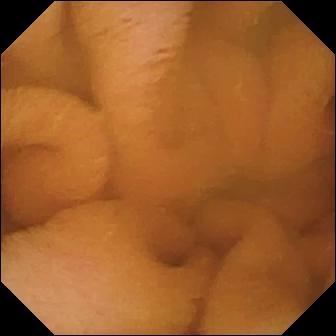{"modality": "capsule endoscopy", "finding": "normal clean mucosa"}